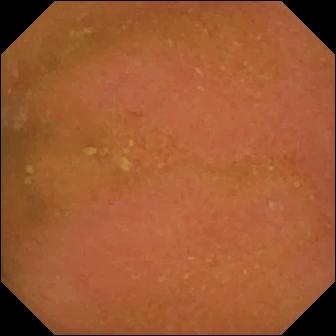Small-bowel capsule endoscopy still
Finding: normal clean mucosa